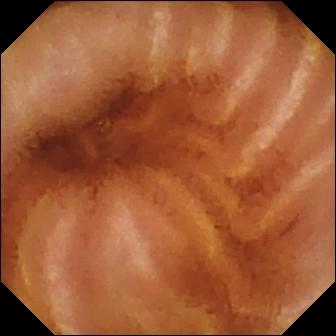Normal clean mucosa.